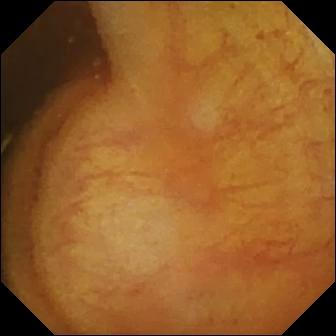Capsule endoscopy view taken in the ileo-cecal valve region (the transition from the small bowel to the large bowel).